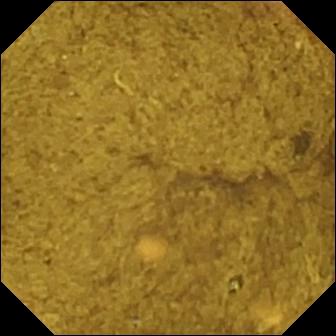PROCEDURE: VCE.
LABEL: Ileo-cecal valve region (where the capsule passes from the small bowel into the large bowel).